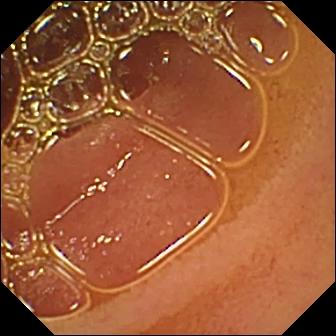VCE snapshot of the small intestine showing normal clean mucosa.